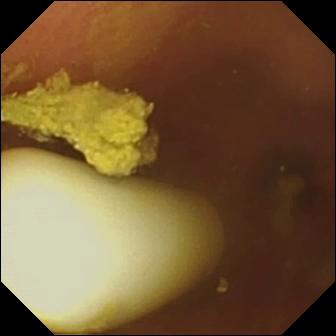{"modality": "VCE", "finding": "foreign body (e.g. retained capsule, tablet residue)"}